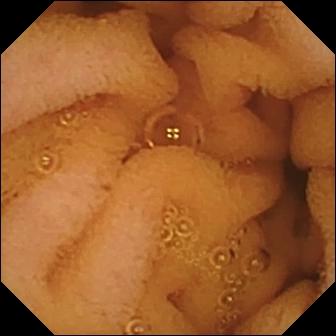Capsule endoscopy image (small bowel), 336×336. Normal clean mucosa.